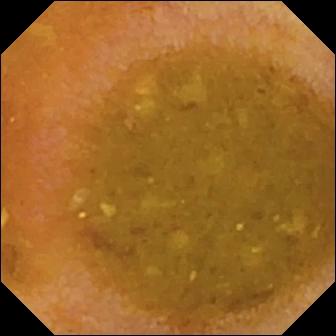This video capsule endoscopy frame of the small intestine shows reduced mucosal view (content or bubbles obscuring the mucosa).